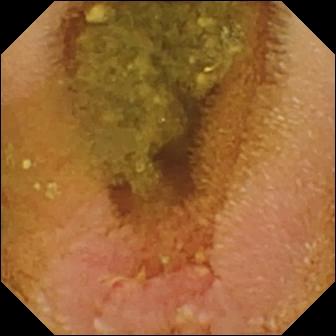Erosion — wireless capsule endoscopy frame.